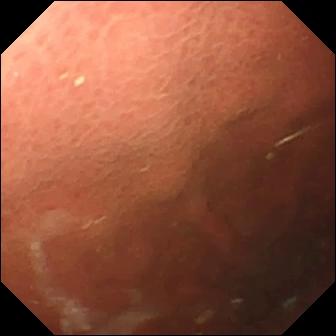VCE snapshot
Label: pylorus region (where the capsule passes from the stomach into the small bowel)